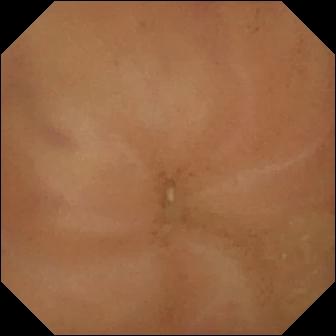This small-bowel capsule endoscopy image shows normal clean mucosa.